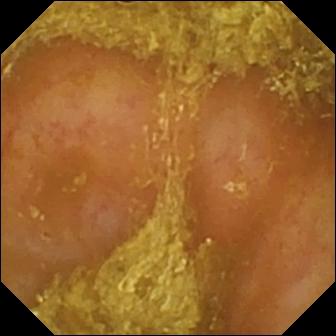Reduced mucosal view (content or bubbles obscuring the mucosa) (336×336).